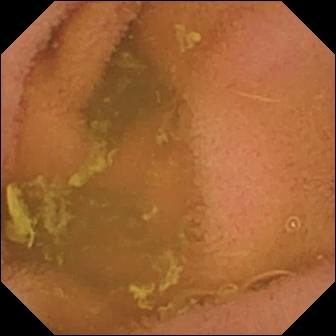PROCEDURE: Video capsule endoscopy.
FINDINGS: Normal clean mucosa.